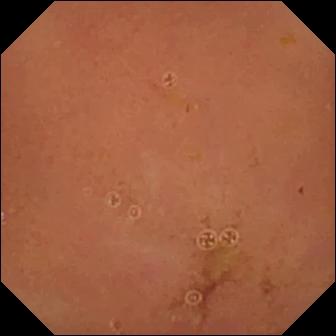PROCEDURE: WCE.
FINDINGS: Normal clean mucosa.